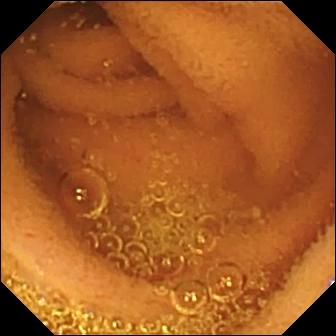Normal clean mucosa.